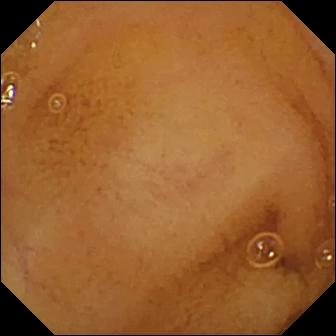Normal clean mucosa — video capsule endoscopy still.